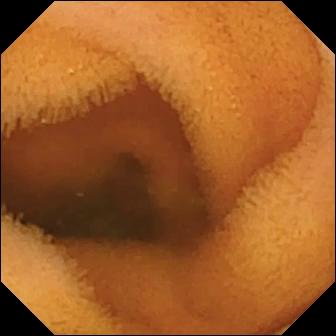PROCEDURE: Video capsule endoscopy.
SEGMENT: Small intestine.
FINDINGS: Normal clean mucosa.